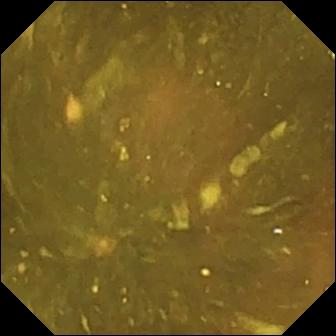This small-bowel capsule endoscopy image was taken in the ileo-cecal valve region (where the capsule passes from the small bowel into the large bowel).